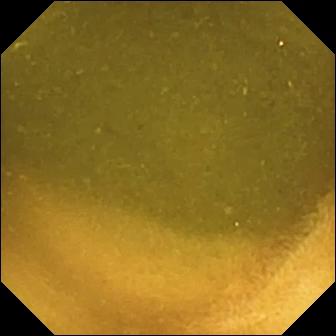Q: Where in the digestive tract was this small-bowel capsule endoscopy frame taken?
A: Ileo-cecal valve region (where the capsule passes from the small bowel into the large bowel).